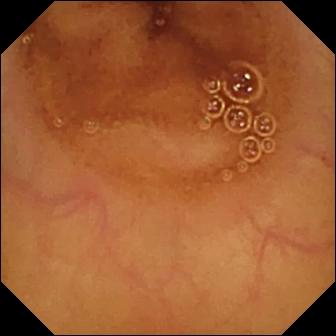- modality: video capsule endoscopy
- segment: small intestine
- observation: normal clean mucosa